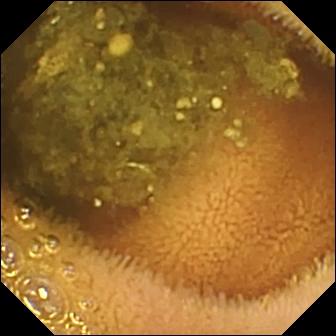VCE still (small bowel). Reduced mucosal view (content or bubbles obscuring the mucosa).